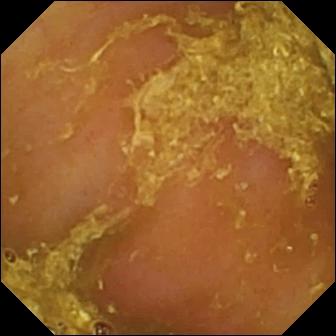- modality: VCE
- segment: small intestine
- finding: reduced mucosal view (content or bubbles obscuring the mucosa)